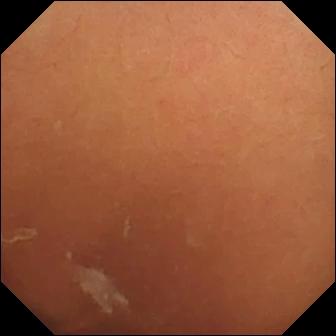Small-bowel capsule endoscopy — normal clean mucosa.